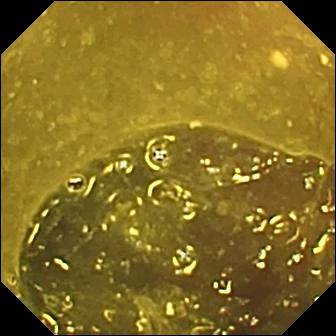Small-bowel capsule endoscopy frame taken in the ileo-cecal valve region.